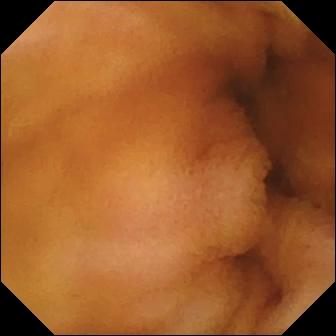- modality: video capsule endoscopy
- segment: small intestine
- finding: normal clean mucosa